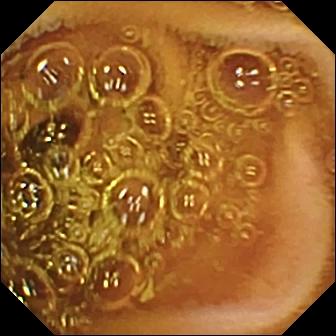modality: video capsule endoscopy
segment: small intestine
label: normal clean mucosa